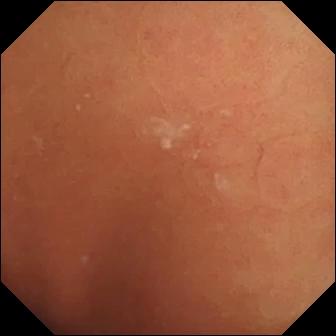modality: capsule endoscopy; observation: normal clean mucosa